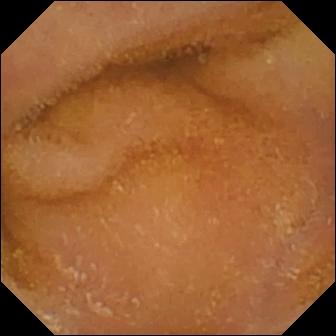VCE view (small bowel). Normal clean mucosa.